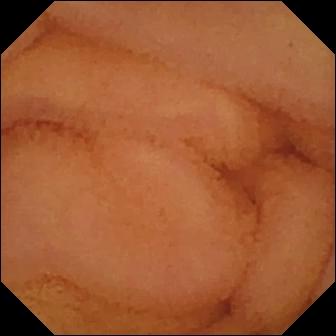modality: video capsule endoscopy
category: luminal finding
impression: normal clean mucosa